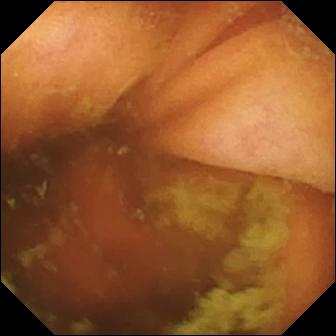This wireless capsule endoscopy image was taken in the ileo-cecal valve region (the transition from the small bowel to the large bowel).